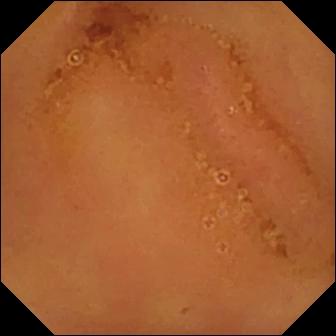This small-bowel capsule endoscopy image of the small intestine shows normal clean mucosa.